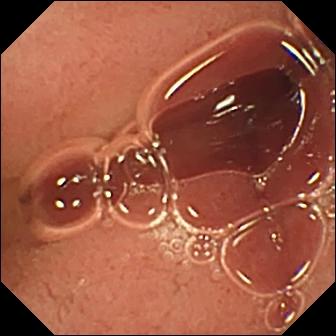Small-bowel capsule endoscopy frame taken in the pylorus region.